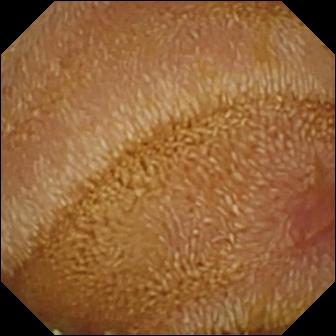{"modality": "VCE", "finding": "erosion"}